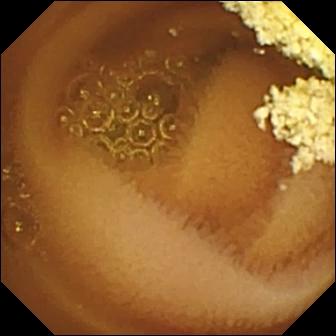Capsule endoscopy frame showing normal clean mucosa.